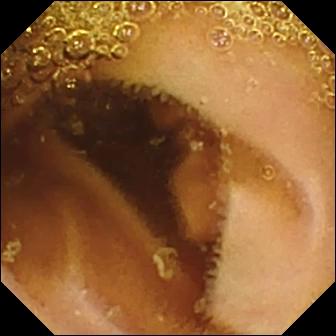This video capsule endoscopy snapshot of the small bowel shows normal clean mucosa.